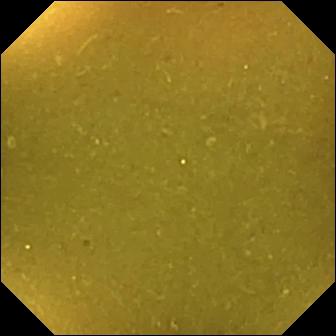{"modality": "small-bowel capsule endoscopy", "label": "ileo-cecal valve region"}